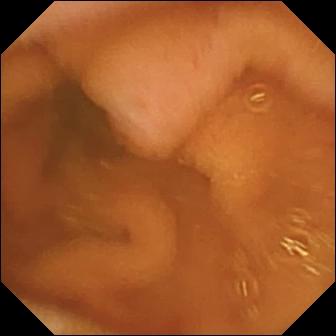Small-bowel capsule endoscopy view. Normal clean mucosa.